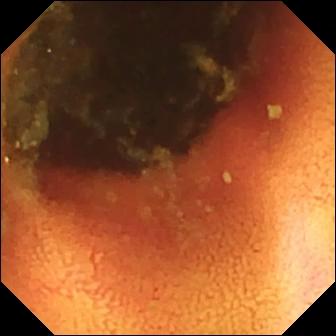This small-bowel capsule endoscopy view was taken in the ileo-cecal valve region (where the capsule passes from the small bowel into the large bowel).